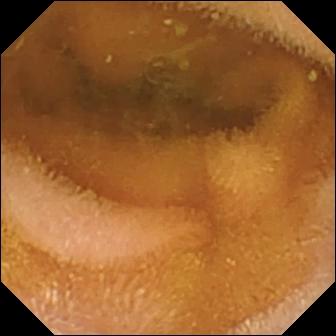Q: What does this WCE image of the small bowel show?
A: Normal clean mucosa.